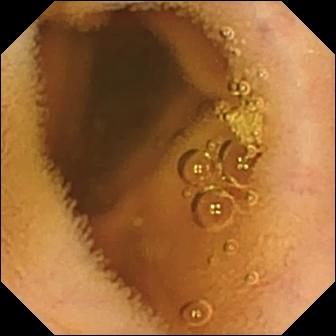This wireless capsule endoscopy frame shows normal clean mucosa.